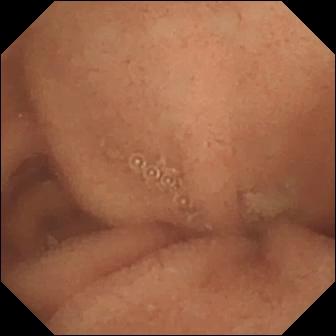Normal clean mucosa — small-bowel capsule endoscopy frame of the small bowel.